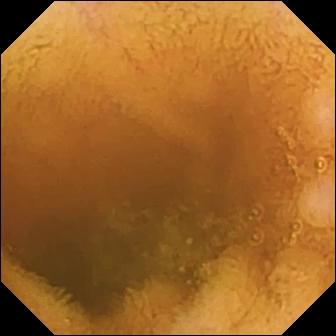Q: What does this WCE still of the small intestine show?
A: Normal clean mucosa.